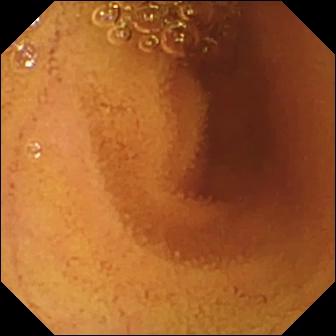Normal clean mucosa.